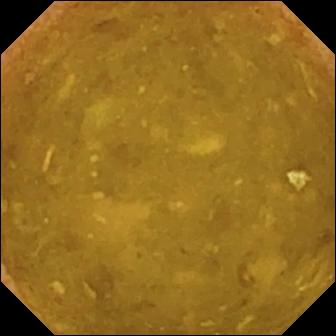Wireless capsule endoscopy view (small bowel), 336×336. Reduced mucosal view (content or bubbles obscuring the mucosa).